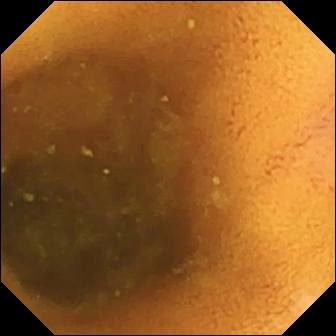- modality: WCE
- segment: small intestine
- label: normal clean mucosa